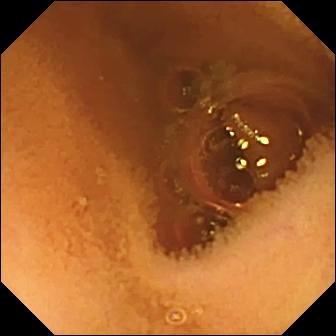- modality: VCE
- segment: small bowel
- finding: normal clean mucosa